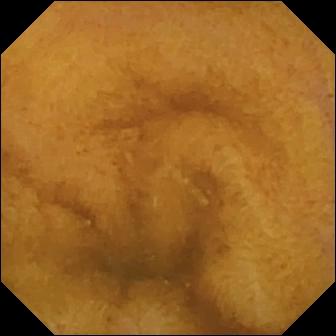Normal clean mucosa.